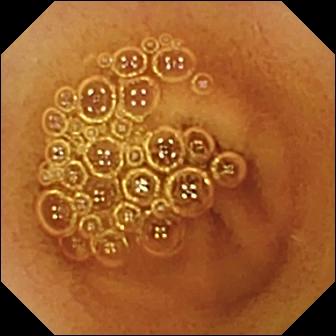This VCE image shows normal clean mucosa.